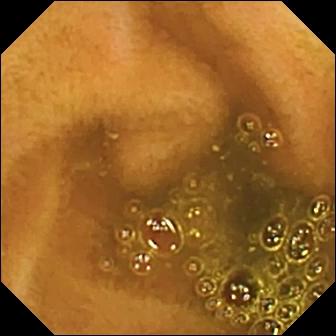Q: Where in the digestive tract was this small-bowel capsule endoscopy snapshot taken?
A: Ileo-cecal valve region (the transition from the small bowel to the large bowel).